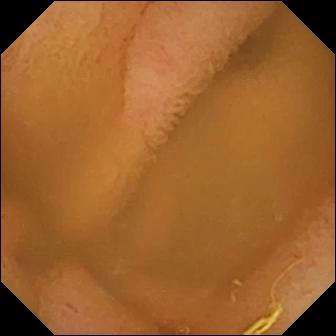Q: What does this VCE view show?
A: Normal clean mucosa.